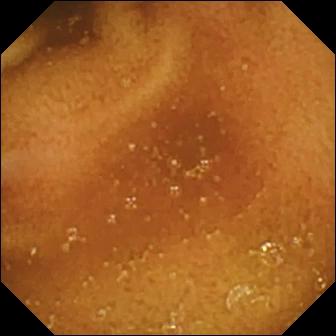Small-bowel capsule endoscopy. Small bowel. Finding: normal clean mucosa.